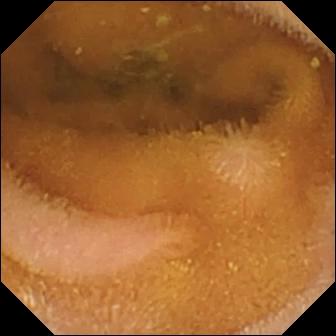- modality: capsule endoscopy
- label: normal clean mucosa